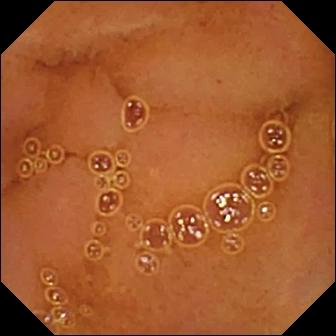Video capsule endoscopy — normal clean mucosa.